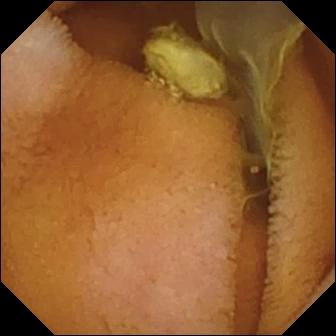{"modality": "wireless capsule endoscopy", "category": "luminal finding", "finding": "normal clean mucosa"}